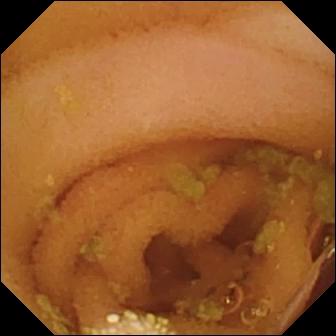- modality: wireless capsule endoscopy
- finding: lymphangiectasia